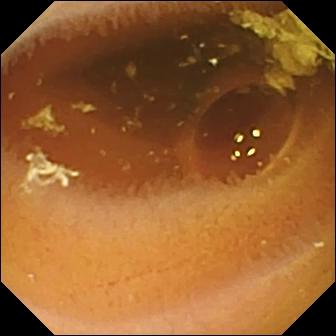Wireless capsule endoscopy — normal clean mucosa.